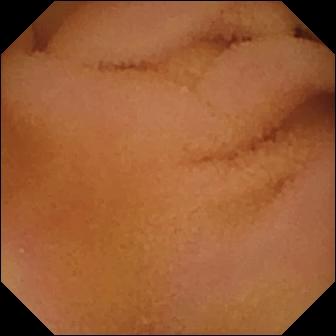{"modality": "WCE", "finding": "normal clean mucosa"}